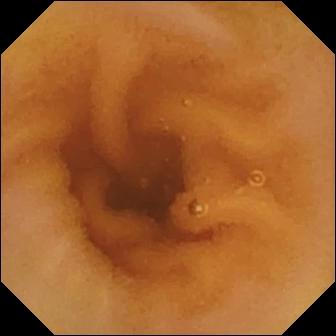PROCEDURE: Video capsule endoscopy.
SEGMENT: Small intestine.
FINDINGS: Normal clean mucosa.